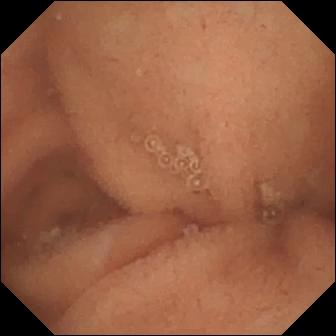modality: WCE
segment: small intestine
finding: normal clean mucosa